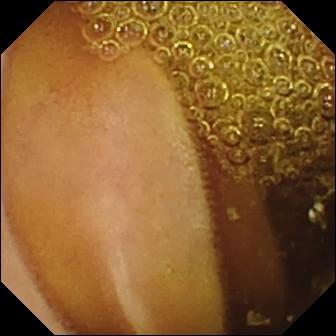Normal clean mucosa.